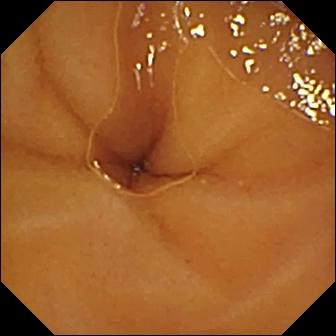Video capsule endoscopy snapshot, 336×336. Normal clean mucosa.